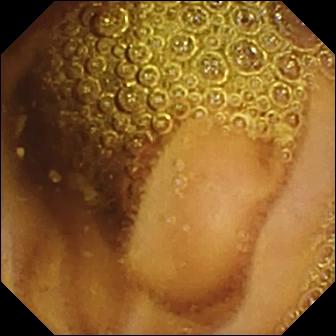- modality: VCE
- segment: small intestine
- impression: normal clean mucosa